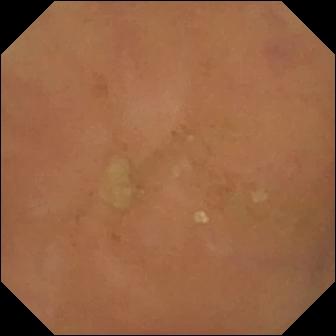PROCEDURE: Capsule endoscopy.
SEGMENT: Small bowel.
FINDINGS: Normal clean mucosa.